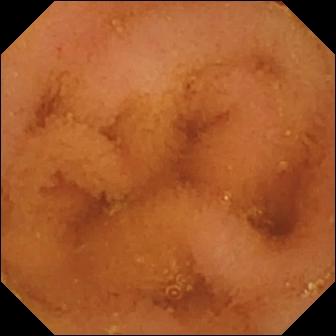WCE still. Normal clean mucosa.